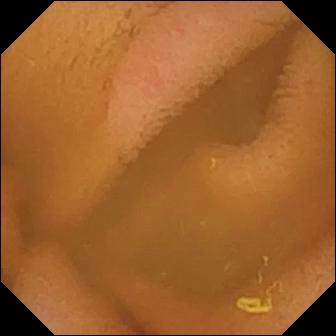Capsule endoscopy. Finding: normal clean mucosa.